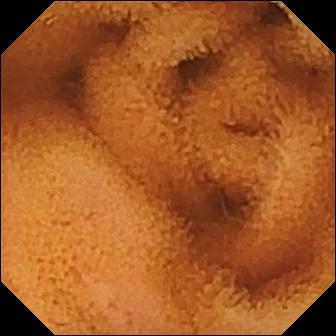This VCE image of the small intestine shows normal clean mucosa.